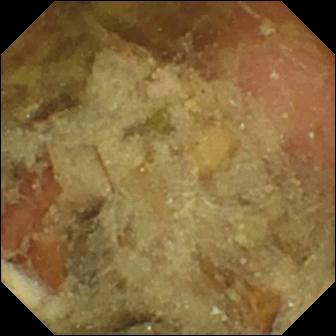Pylorus region (the junction between the stomach and the small bowel) — WCE still.